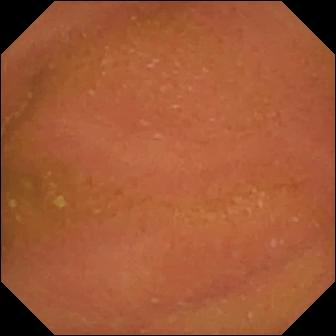VCE view showing normal clean mucosa.